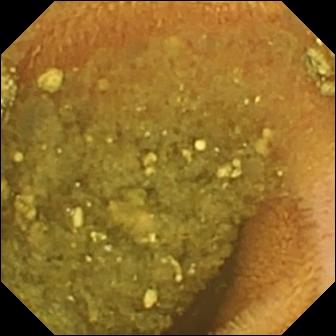Reduced mucosal view (content or bubbles obscuring the mucosa) (336×336).